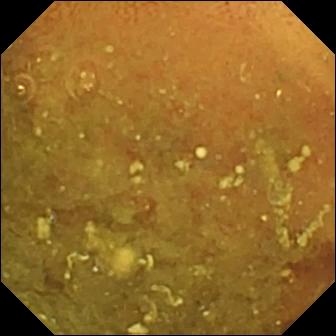WCE. Small bowel. Luminal finding. Impression: reduced mucosal view (content or bubbles obscuring the mucosa).